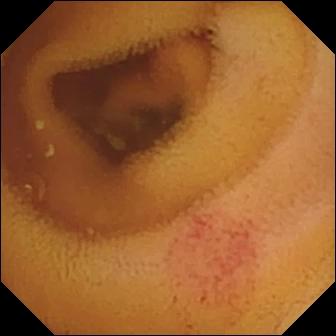Angiectasia (336×336).